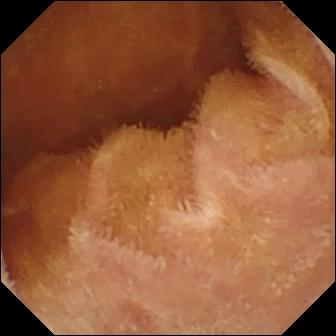Normal clean mucosa.